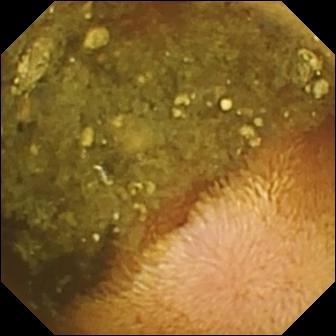VCE image, small intestine
Label: reduced mucosal view (content or bubbles obscuring the mucosa)